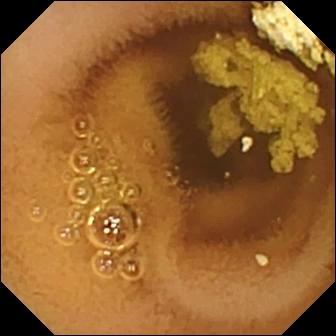modality: video capsule endoscopy
category: luminal finding
label: normal clean mucosa